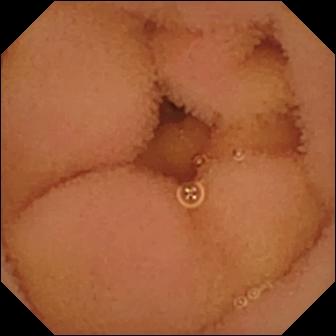modality: capsule endoscopy | finding: normal clean mucosa